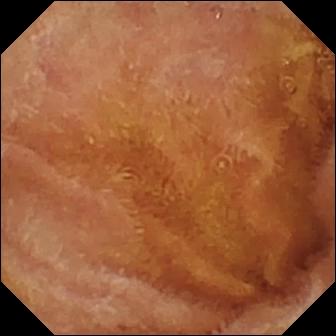WCE — normal clean mucosa.